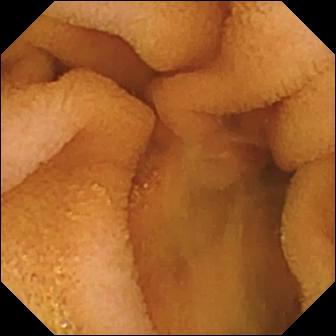Small-bowel capsule endoscopy — normal clean mucosa.